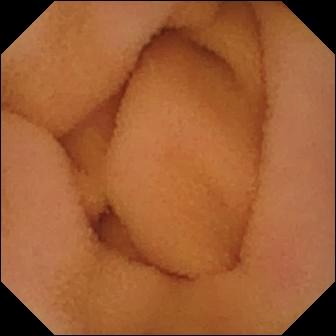Video capsule endoscopy — normal clean mucosa.